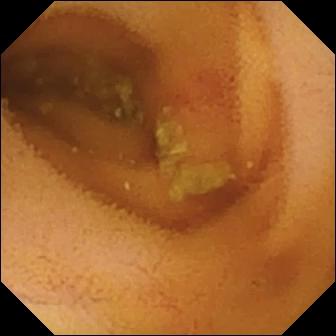VCE still showing angiectasia.